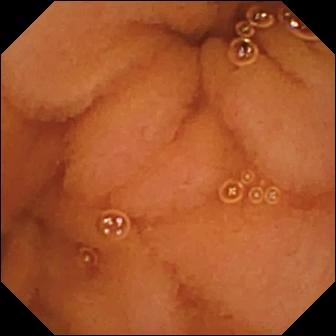{"modality": "small-bowel capsule endoscopy", "segment": "small bowel", "finding": "normal clean mucosa"}